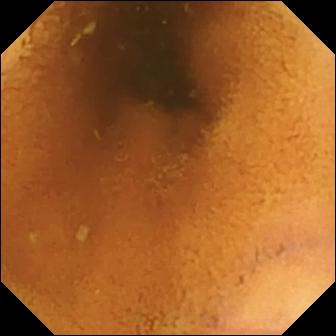Video capsule endoscopy snapshot showing normal clean mucosa.